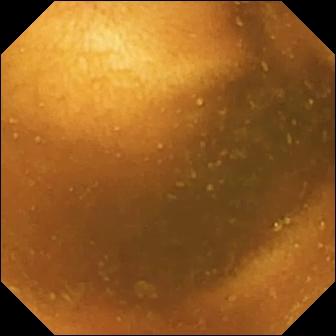- modality: WCE
- segment: small bowel
- impression: normal clean mucosa